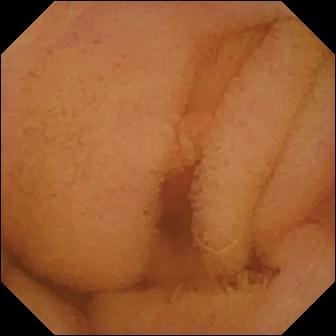Normal clean mucosa — VCE image of the small intestine.